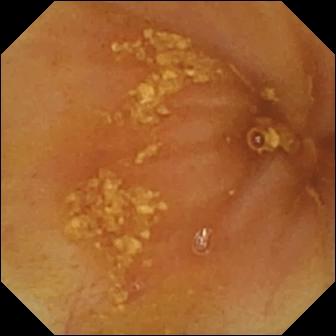Video capsule endoscopy. Location: ileo-cecal valve region (where the capsule passes from the small bowel into the large bowel).